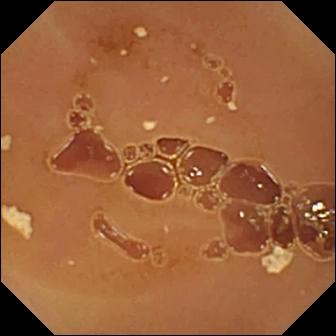Capsule endoscopy still showing normal clean mucosa.